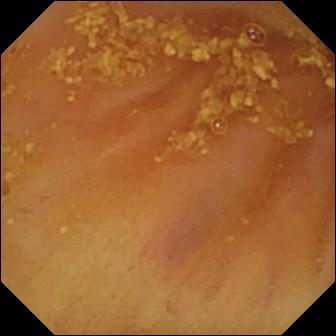PROCEDURE: VCE.
LOCATION: Ileo-cecal valve region (the transition from the small bowel to the large bowel).